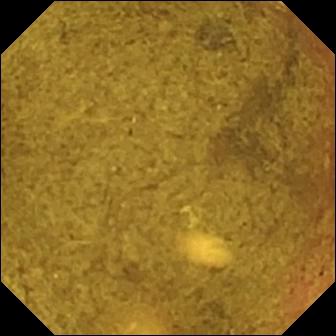This small-bowel capsule endoscopy snapshot was taken in the ileo-cecal valve region (where the capsule passes from the small bowel into the large bowel).